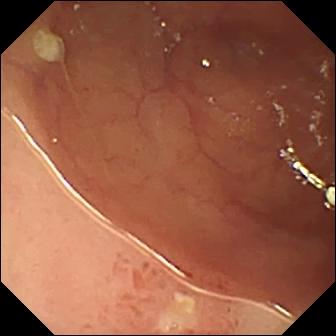This VCE still shows ulcer.